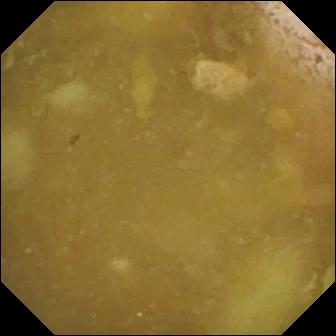Small-bowel capsule endoscopy frame taken in the ileo-cecal valve region.